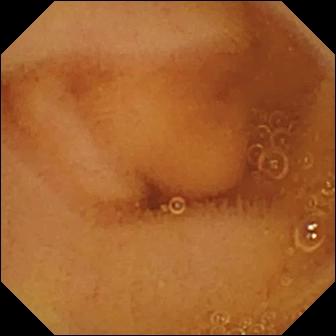Small-bowel capsule endoscopy — normal clean mucosa.